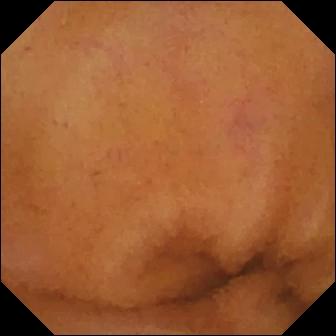- modality: WCE
- label: normal clean mucosa